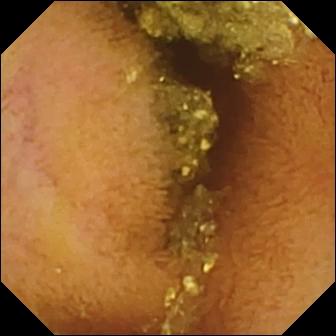Normal clean mucosa.